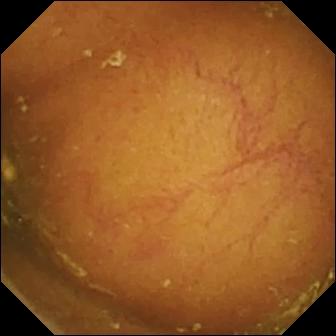- modality: video capsule endoscopy
- label: ileo-cecal valve region